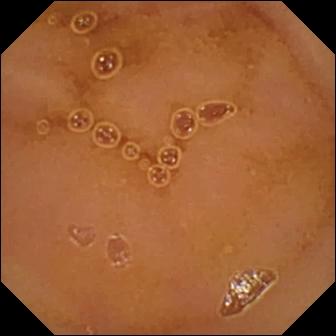Video capsule endoscopy view, small bowel
Label: normal clean mucosa